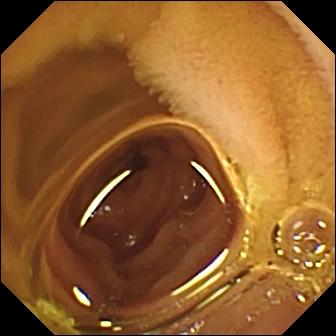{"modality": "wireless capsule endoscopy", "finding": "normal clean mucosa"}